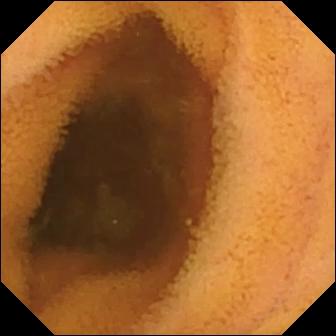Wireless capsule endoscopy — normal clean mucosa.